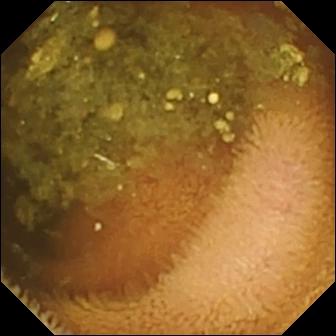Q: What does this VCE frame of the small bowel show?
A: Reduced mucosal view (content or bubbles obscuring the mucosa).